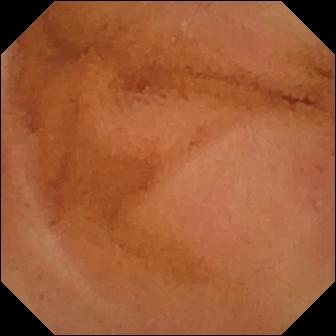This wireless capsule endoscopy snapshot of the small bowel shows normal clean mucosa.